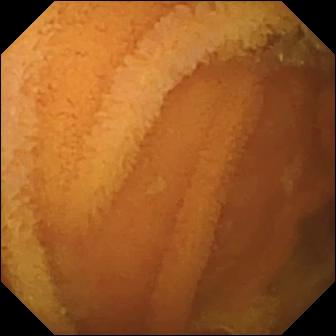Wireless capsule endoscopy. Small intestine. Luminal finding. Finding: normal clean mucosa.